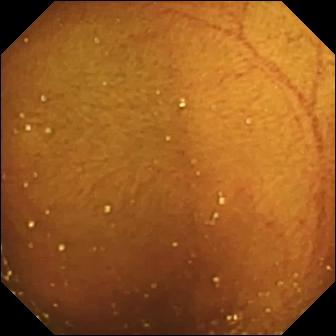Video capsule endoscopy — ileo-cecal valve region.